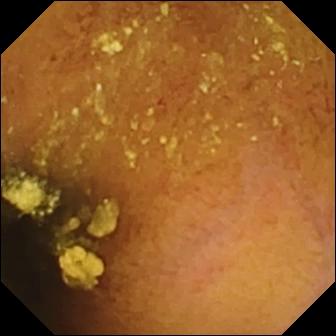modality: small-bowel capsule endoscopy
segment: small intestine
finding: normal clean mucosa